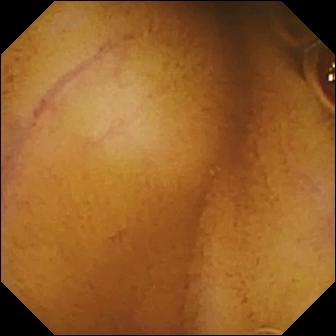Normal clean mucosa — VCE image of the small intestine.